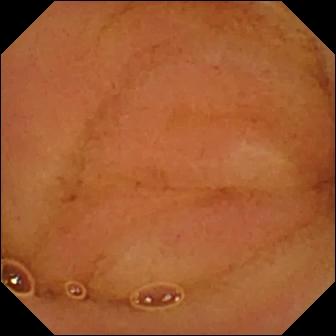VCE. Luminal finding. Label: normal clean mucosa.